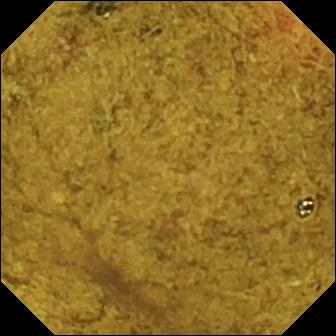Q: Where in the digestive tract was this VCE image taken?
A: Ileo-cecal valve region.